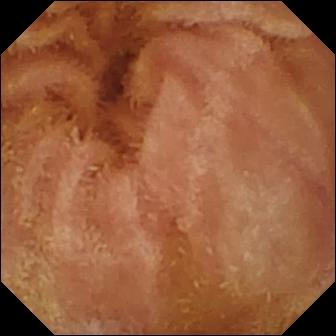Capsule endoscopy still
Label: normal clean mucosa